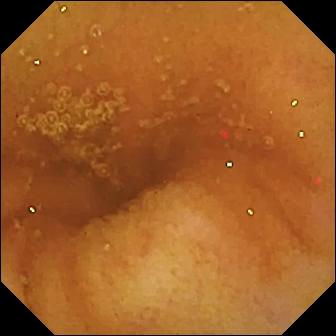PROCEDURE: Wireless capsule endoscopy.
SEGMENT: Small bowel.
FINDINGS: Normal clean mucosa.